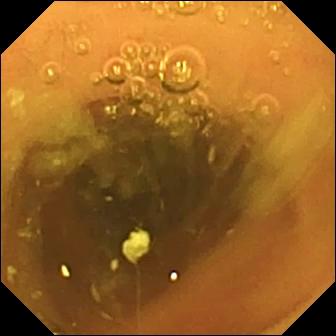PROCEDURE: Video capsule endoscopy.
FINDINGS: Normal clean mucosa.